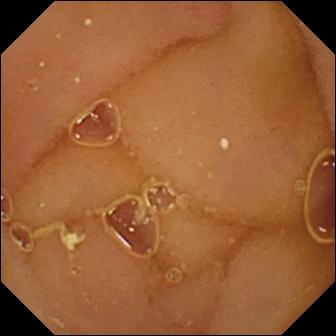- modality: VCE
- category: luminal finding
- finding: normal clean mucosa